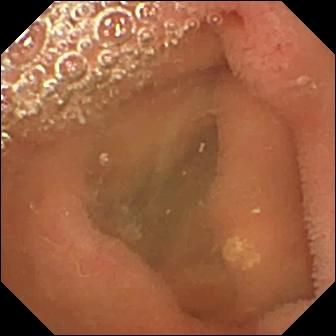Capsule endoscopy view showing lymphangiectasia.